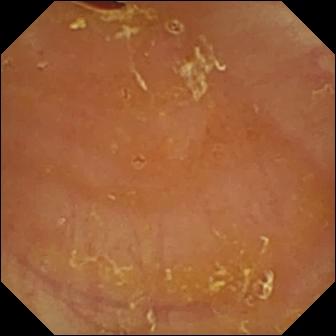Q: What does this capsule endoscopy image of the small intestine show?
A: Reduced mucosal view (content or bubbles obscuring the mucosa).